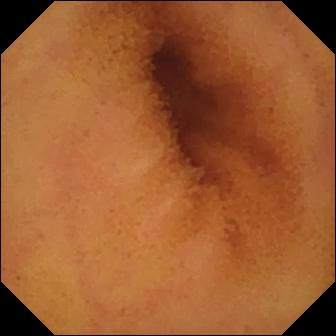This small-bowel capsule endoscopy image of the small bowel shows normal clean mucosa.